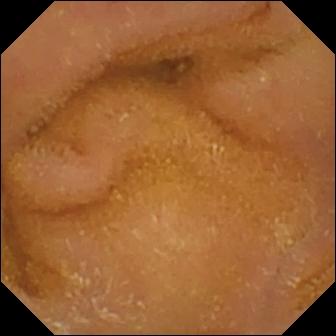modality: small-bowel capsule endoscopy | segment: small bowel | label: normal clean mucosa